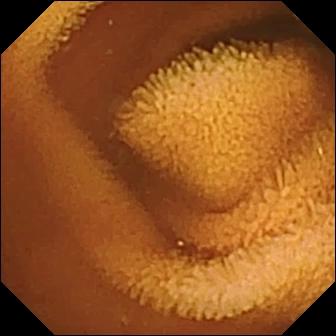{"modality": "small-bowel capsule endoscopy", "segment": "small bowel", "finding": "normal clean mucosa"}